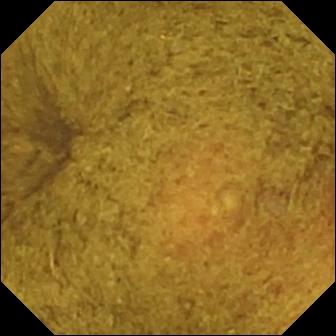modality: VCE | position: ileo-cecal valve region (the transition from the small bowel to the large bowel)